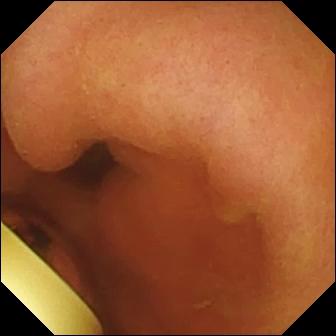PROCEDURE: Capsule endoscopy.
FINDINGS: Foreign body (e.g. retained capsule, tablet residue).